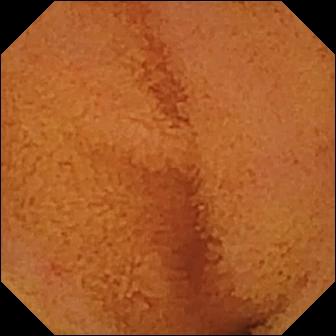modality: VCE; segment: small intestine; category: luminal finding; impression: normal clean mucosa